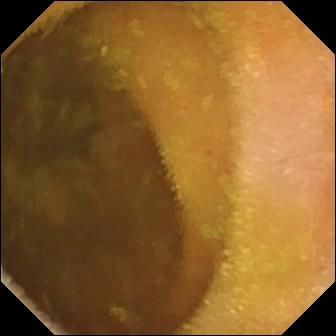modality: capsule endoscopy
category: luminal finding
impression: normal clean mucosa